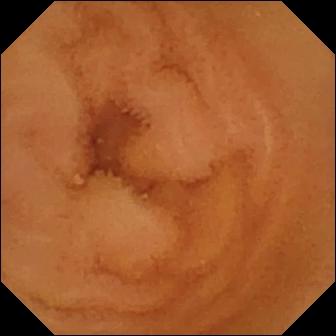Capsule endoscopy frame of the small bowel showing normal clean mucosa.